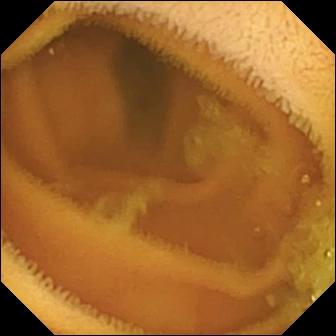modality: video capsule endoscopy | finding: normal clean mucosa